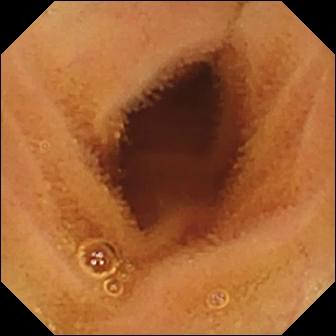PROCEDURE: Capsule endoscopy.
FINDINGS: Normal clean mucosa.